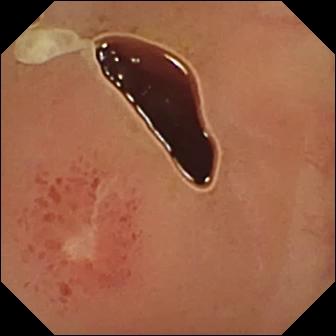Ulcer.